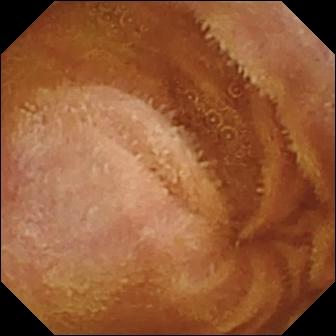WCE snapshot showing normal clean mucosa.